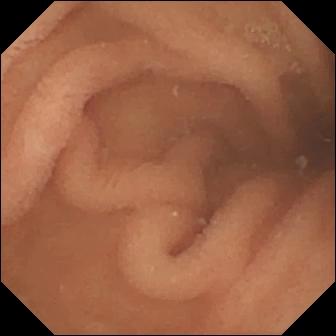Wireless capsule endoscopy — normal clean mucosa.